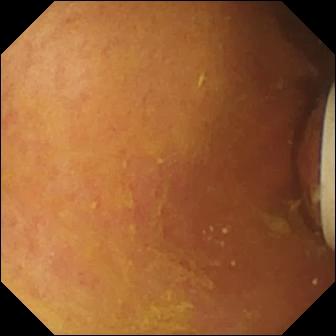PROCEDURE: WCE.
FINDINGS: Foreign body (e.g. retained capsule, tablet residue).